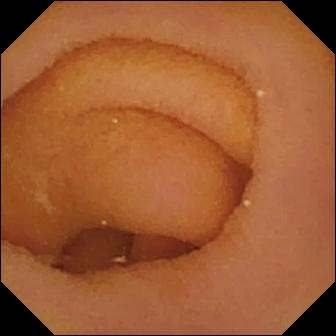This capsule endoscopy still was taken in the pylorus region (the junction between the stomach and the small bowel).